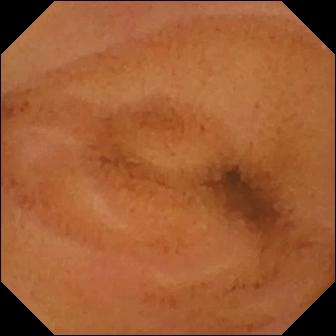Small-bowel capsule endoscopy. Finding: normal clean mucosa.